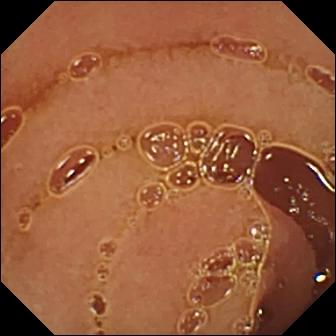Normal clean mucosa — capsule endoscopy image.